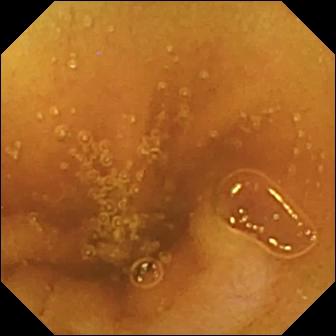{"modality": "capsule endoscopy", "segment": "small bowel", "finding": "normal clean mucosa"}